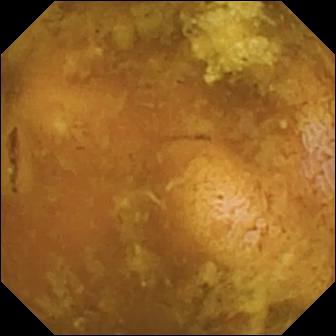Q: What does this small-bowel capsule endoscopy image show?
A: Reduced mucosal view (content or bubbles obscuring the mucosa).